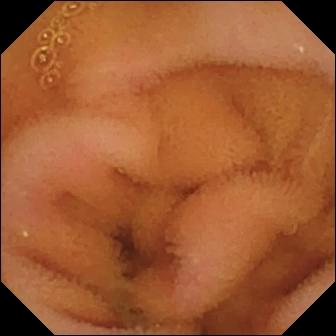modality: VCE | category: luminal finding | impression: normal clean mucosa